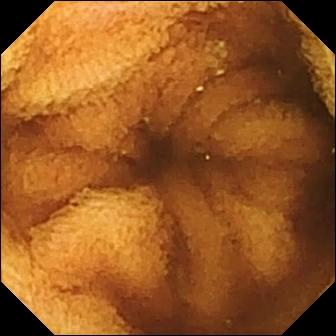modality: wireless capsule endoscopy; segment: small intestine; impression: normal clean mucosa